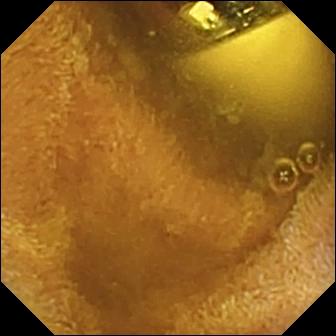Q: What does this wireless capsule endoscopy image show?
A: Foreign body (e.g. retained capsule, tablet residue).